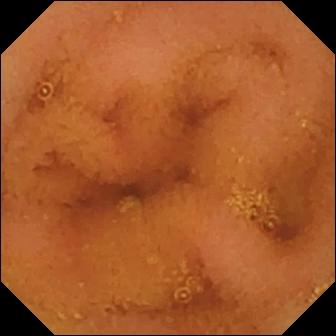WCE. Label: normal clean mucosa.